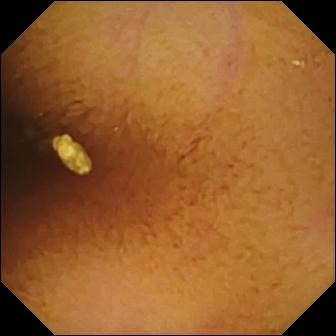VCE snapshot of the small intestine showing normal clean mucosa.